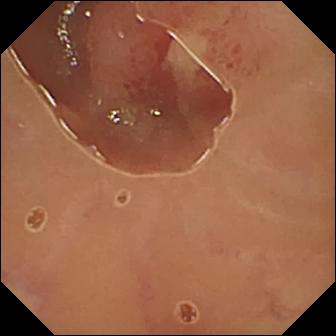Ulcer.